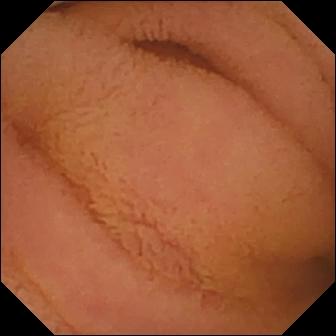Capsule endoscopy. Small intestine. Impression: normal clean mucosa.